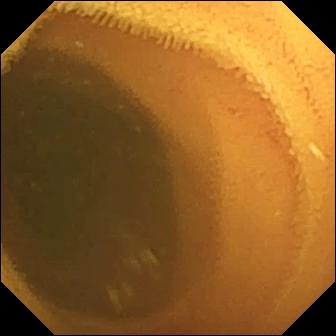PROCEDURE: Video capsule endoscopy.
FINDINGS: Normal clean mucosa.